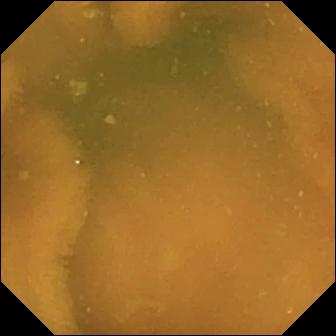Capsule endoscopy. Small intestine. Luminal finding. Label: normal clean mucosa.